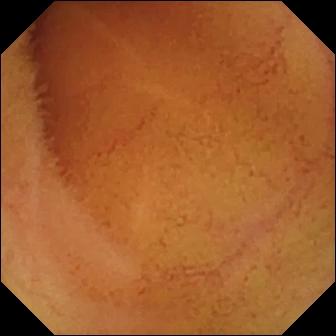- modality: small-bowel capsule endoscopy
- finding: normal clean mucosa